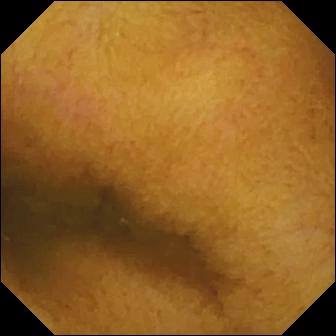- modality: video capsule endoscopy
- segment: small bowel
- finding: normal clean mucosa